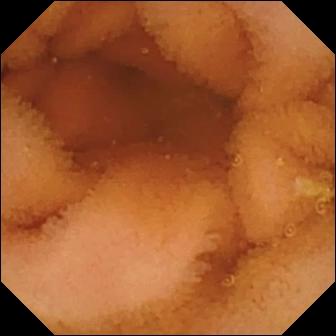{"modality": "VCE", "category": "luminal finding", "finding": "normal clean mucosa"}